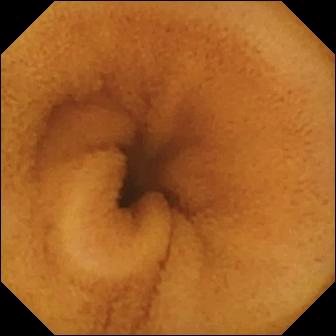Q: What does this WCE view show?
A: Normal clean mucosa.